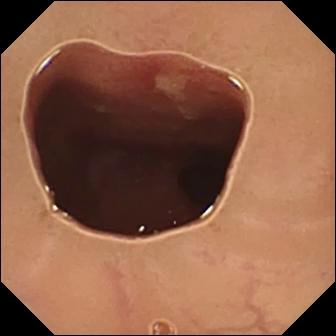PROCEDURE: Small-bowel capsule endoscopy.
FINDINGS: Ulcer.